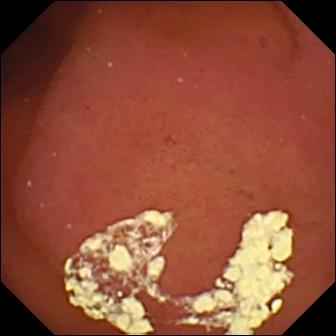PROCEDURE: WCE.
POSITION: Pylorus region (where the capsule passes from the stomach into the small bowel).